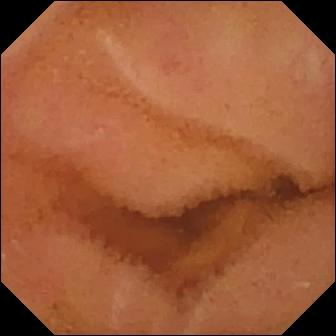modality: WCE
label: normal clean mucosa